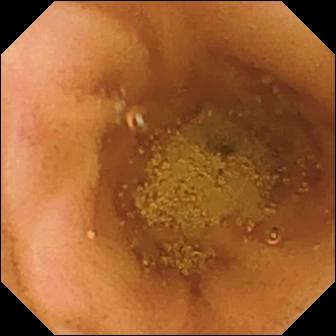Small-bowel capsule endoscopy — normal clean mucosa.